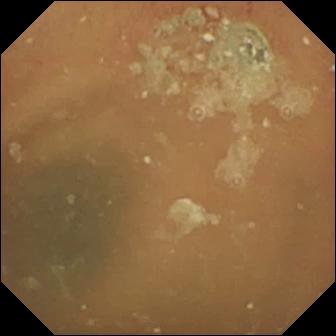Small-bowel capsule endoscopy — normal clean mucosa.